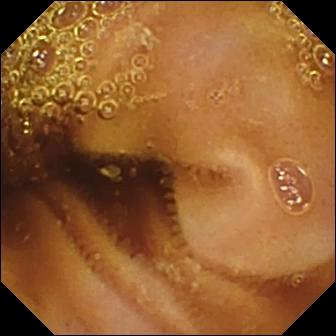Small-bowel capsule endoscopy. Small intestine. Impression: normal clean mucosa.